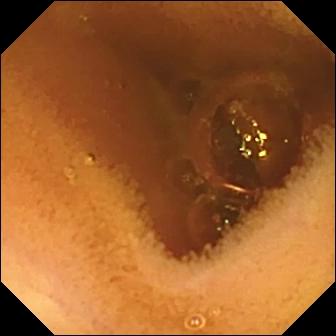Capsule endoscopy view (small bowel), 336×336. Normal clean mucosa.